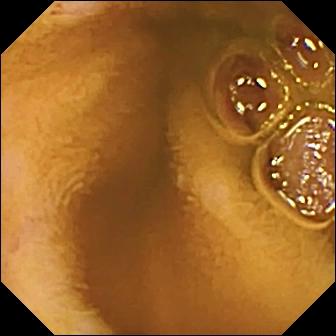modality: WCE
category: luminal finding
impression: normal clean mucosa